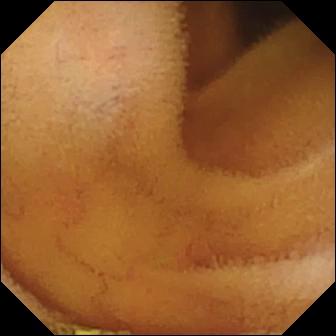- modality: small-bowel capsule endoscopy
- observation: normal clean mucosa